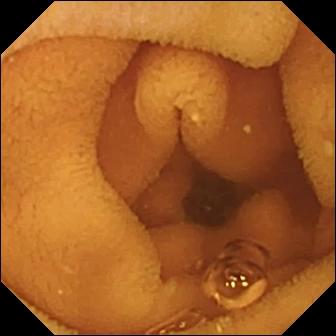Small-bowel capsule endoscopy still, small intestine
Observation: normal clean mucosa